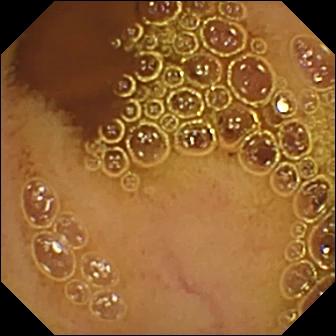modality: wireless capsule endoscopy | label: normal clean mucosa